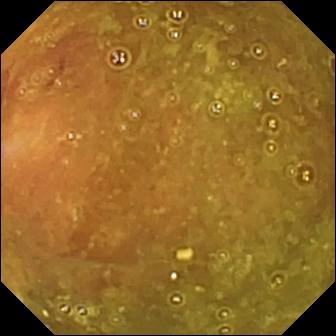PROCEDURE: WCE.
POSITION: Ileo-cecal valve region (the transition from the small bowel to the large bowel).